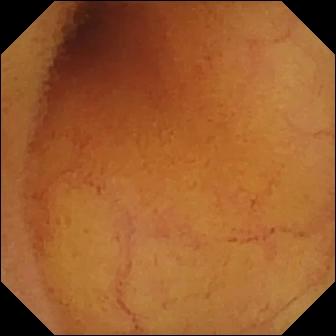This video capsule endoscopy snapshot of the small intestine shows normal clean mucosa.